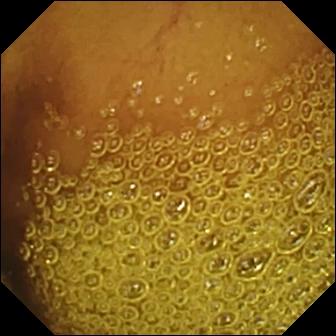Wireless capsule endoscopy. Small intestine. Luminal finding. Label: normal clean mucosa.